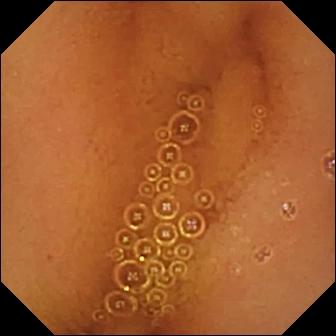Wireless capsule endoscopy — normal clean mucosa.